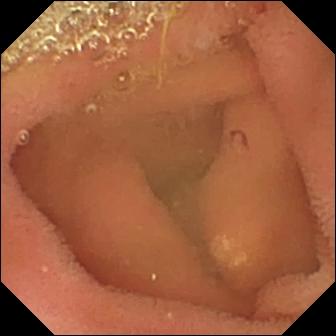WCE snapshot. Lymphangiectasia.